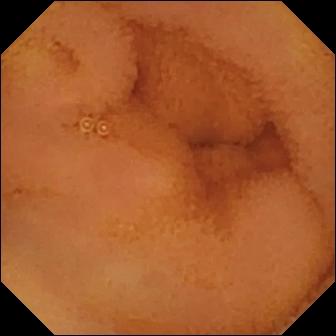Q: What does this small-bowel capsule endoscopy frame of the small bowel show?
A: Normal clean mucosa.